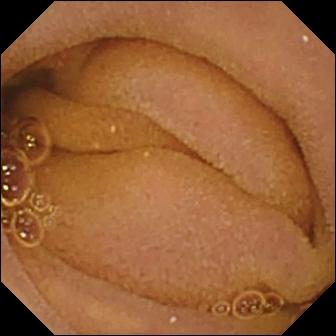This video capsule endoscopy snapshot of the small bowel shows normal clean mucosa.